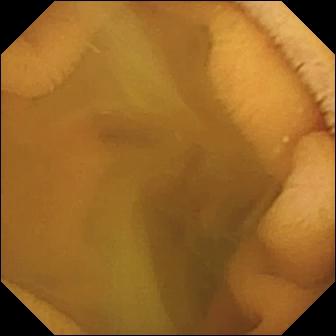WCE — normal clean mucosa.